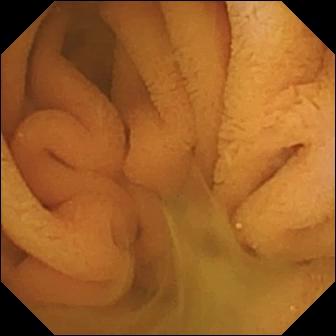Video capsule endoscopy image, small intestine
Label: normal clean mucosa